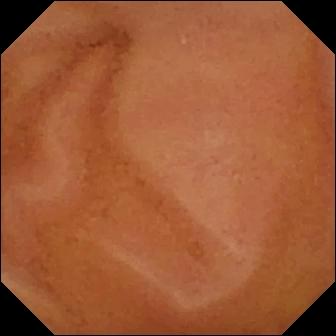This small-bowel capsule endoscopy snapshot of the small intestine shows normal clean mucosa.